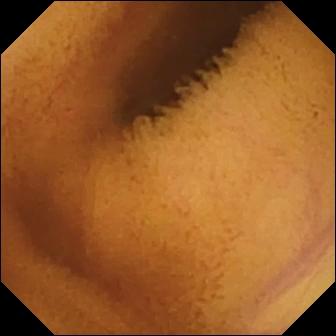Normal clean mucosa.